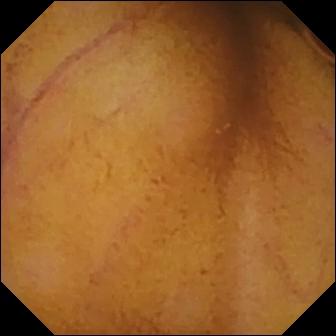WCE still
Label: normal clean mucosa